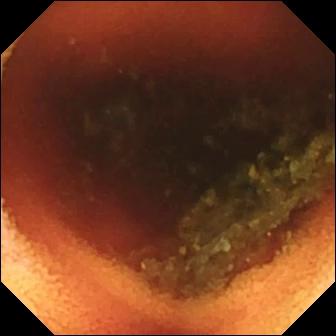WCE — ileo-cecal valve region (where the capsule passes from the small bowel into the large bowel).